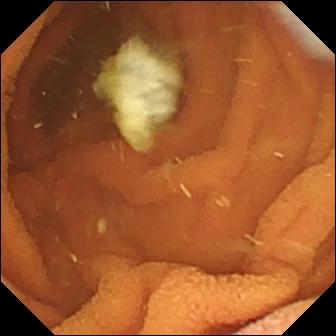Wireless capsule endoscopy image of the small intestine showing normal clean mucosa.